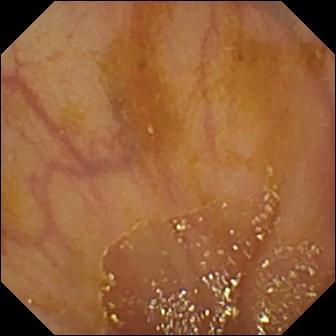VCE still taken in the ileo-cecal valve region.